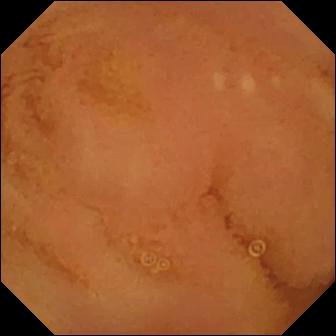Capsule endoscopy. Small bowel. Finding: normal clean mucosa.